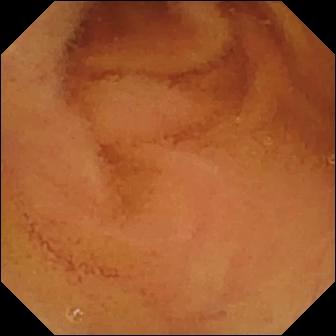Normal clean mucosa — small-bowel capsule endoscopy image of the small intestine.